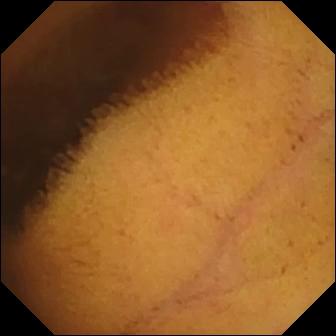modality: wireless capsule endoscopy; impression: normal clean mucosa